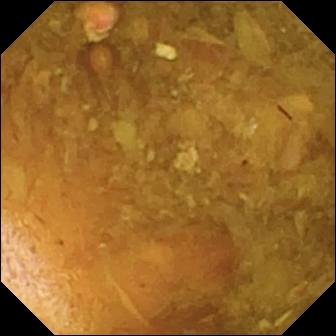Wireless capsule endoscopy still, 336×336. Reduced mucosal view (content or bubbles obscuring the mucosa).